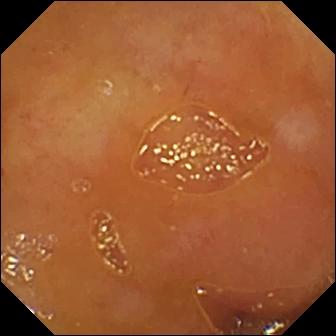{"modality": "video capsule endoscopy", "label": "ileo-cecal valve region (where the capsule passes from the small bowel into the large bowel)"}